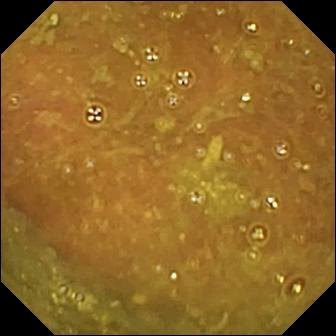This WCE view was taken in the ileo-cecal valve region (the transition from the small bowel to the large bowel).